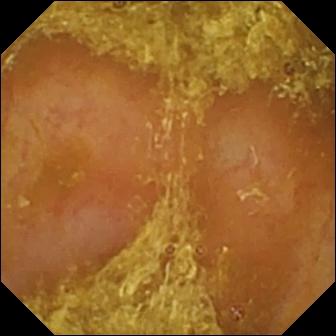Small-bowel capsule endoscopy — reduced mucosal view (content or bubbles obscuring the mucosa).